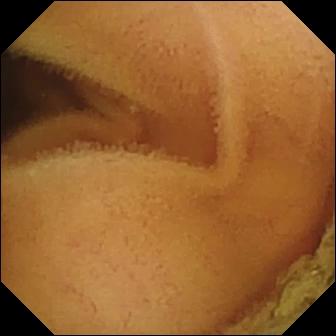Small-bowel capsule endoscopy view. Normal clean mucosa.